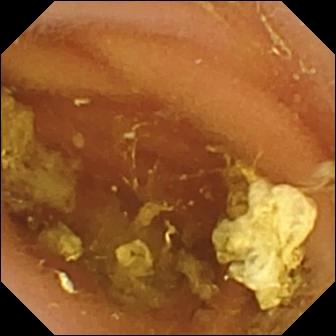Normal clean mucosa — wireless capsule endoscopy view of the small bowel.